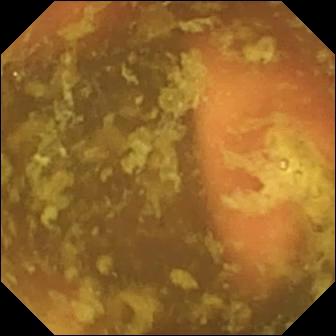WCE view taken in the ileo-cecal valve region.